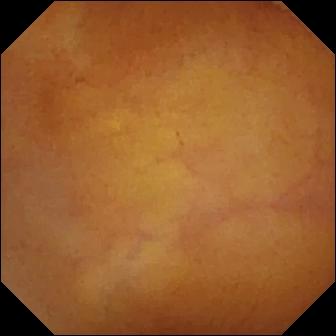PROCEDURE: WCE.
FINDINGS: Normal clean mucosa.